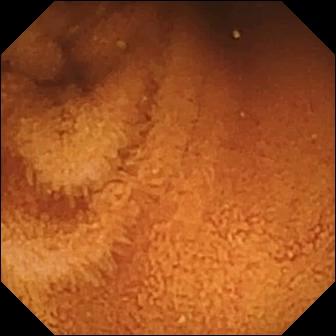Capsule endoscopy view (small bowel), 336×336. Normal clean mucosa.